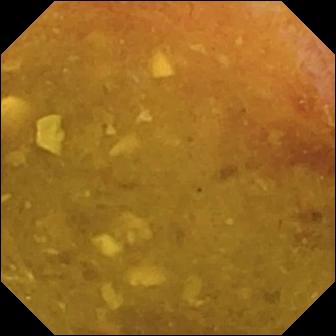Video capsule endoscopy — reduced mucosal view (content or bubbles obscuring the mucosa).